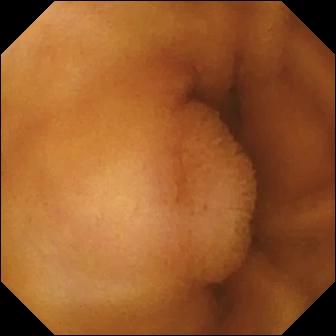- modality: capsule endoscopy
- label: normal clean mucosa